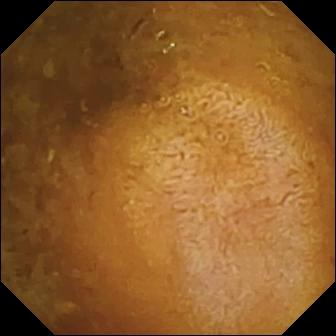Small-bowel capsule endoscopy snapshot. Reduced mucosal view (content or bubbles obscuring the mucosa).